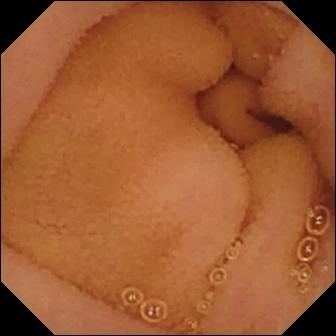Capsule endoscopy. Luminal finding. Impression: normal clean mucosa.